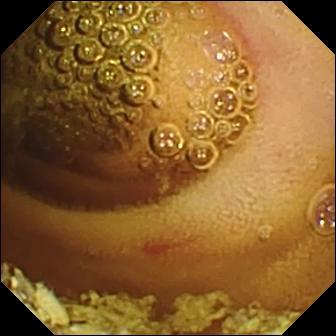Video capsule endoscopy. Impression: erosion.